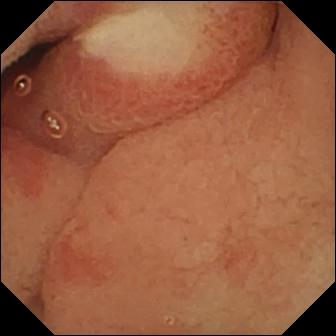PROCEDURE: VCE.
FINDINGS: Ulcer.